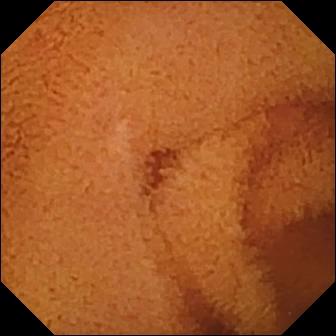VCE still (small bowel). Normal clean mucosa.